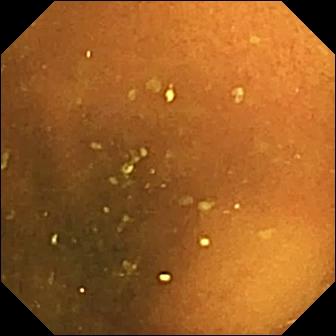modality: wireless capsule endoscopy
segment: small bowel
category: luminal finding
label: normal clean mucosa